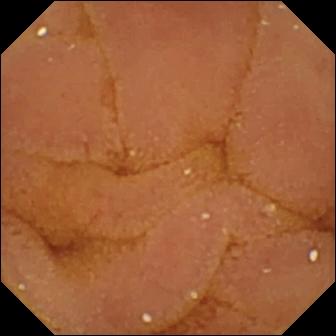Small-bowel capsule endoscopy still showing normal clean mucosa.